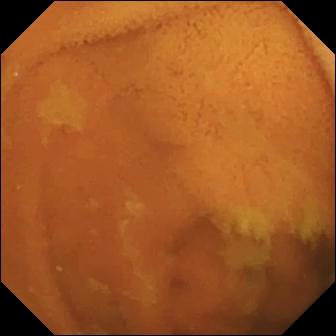Normal clean mucosa — VCE snapshot of the small bowel.